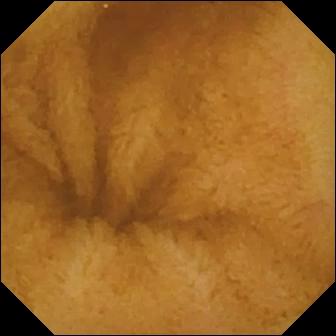Small-bowel capsule endoscopy snapshot showing normal clean mucosa.